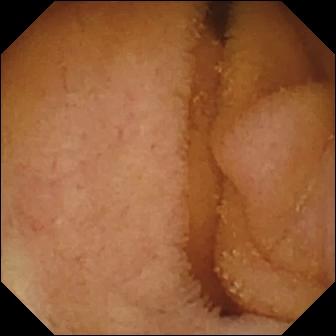Wireless capsule endoscopy — normal clean mucosa.